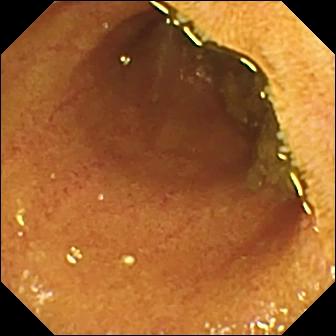Q: Where in the digestive tract was this wireless capsule endoscopy view taken?
A: Ileo-cecal valve region.